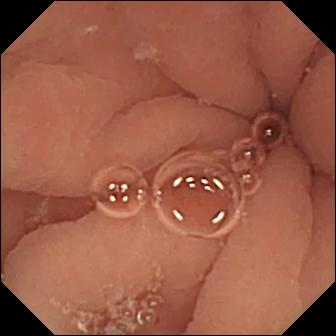PROCEDURE: Wireless capsule endoscopy.
VIDEO SEGMENT: Pylorus region.